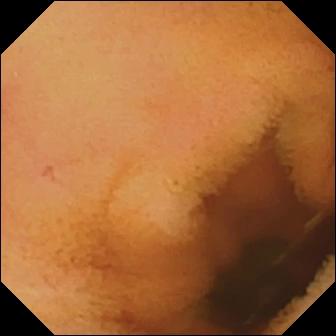modality: wireless capsule endoscopy
finding: normal clean mucosa